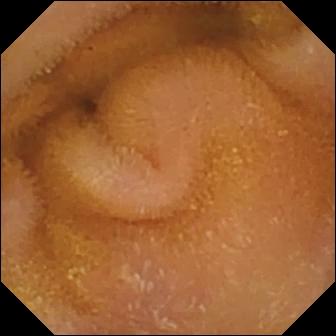Video capsule endoscopy — normal clean mucosa.